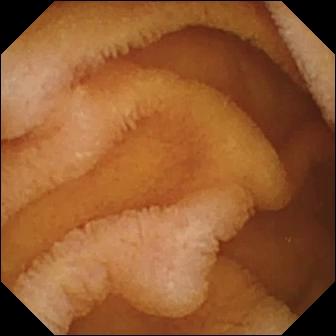modality: capsule endoscopy | category: luminal finding | label: normal clean mucosa